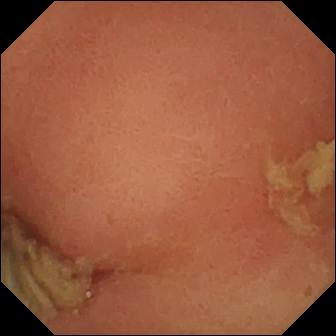modality: video capsule endoscopy
video segment: pylorus region